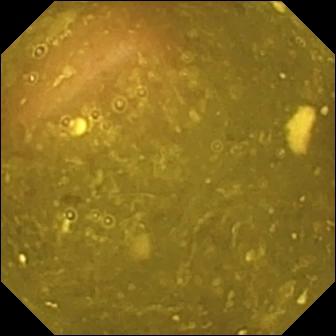Ileo-cecal valve region (the transition from the small bowel to the large bowel).